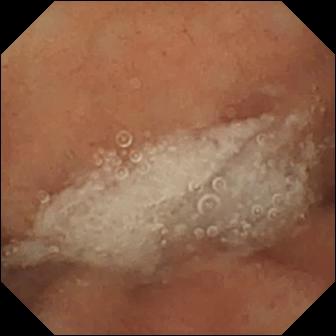Normal clean mucosa.